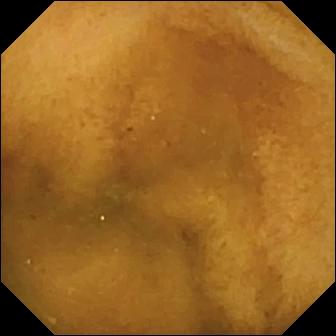VCE snapshot. Normal clean mucosa.